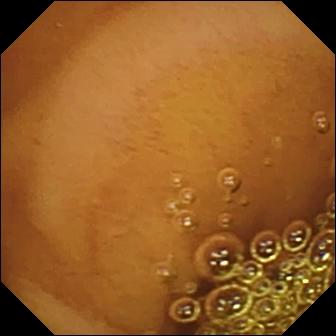VCE image of the small bowel showing normal clean mucosa.